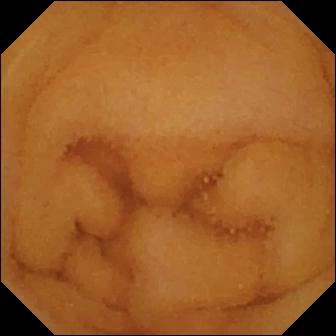Normal clean mucosa — small-bowel capsule endoscopy snapshot of the small bowel.